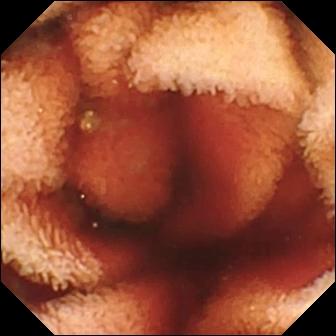Q: What does this wireless capsule endoscopy still show?
A: Fresh blood in the lumen.